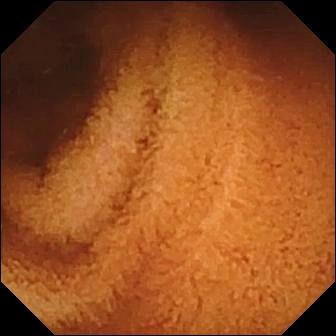PROCEDURE: Video capsule endoscopy.
SEGMENT: Small bowel.
FINDINGS: Normal clean mucosa.